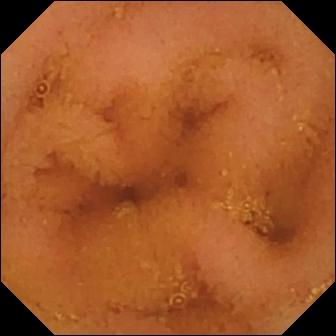Video capsule endoscopy view
Observation: normal clean mucosa